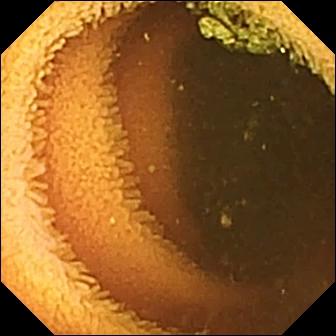Normal clean mucosa — video capsule endoscopy frame of the small bowel.